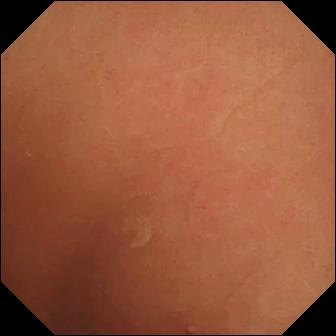modality: VCE | label: normal clean mucosa